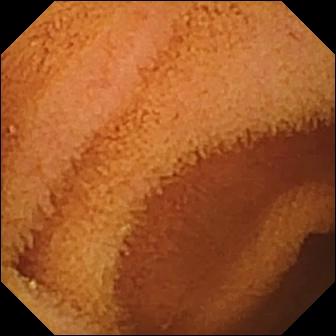modality: VCE | impression: normal clean mucosa